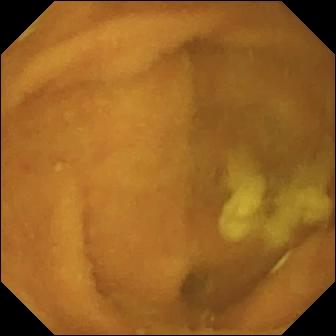This VCE image shows normal clean mucosa.